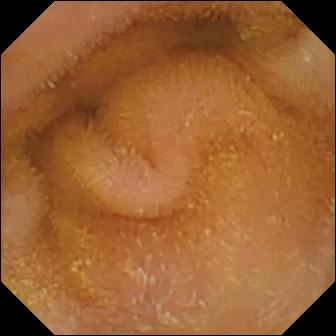Small-bowel capsule endoscopy. Luminal finding. Label: normal clean mucosa.